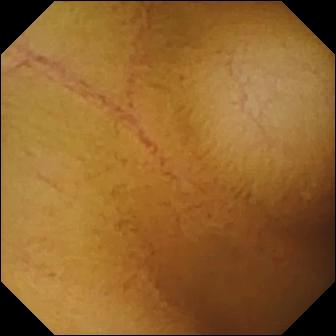Wireless capsule endoscopy — normal clean mucosa.